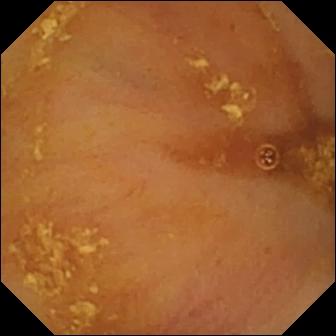This small-bowel capsule endoscopy view was taken in the ileo-cecal valve region (the transition from the small bowel to the large bowel).